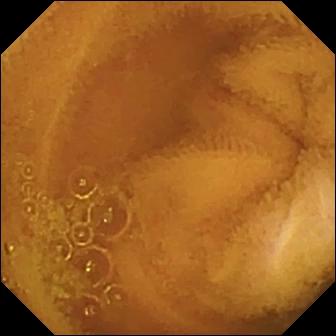{"modality": "small-bowel capsule endoscopy", "finding": "normal clean mucosa"}